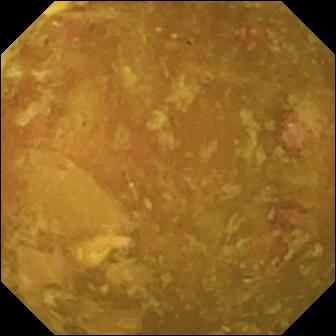Reduced mucosal view (content or bubbles obscuring the mucosa).